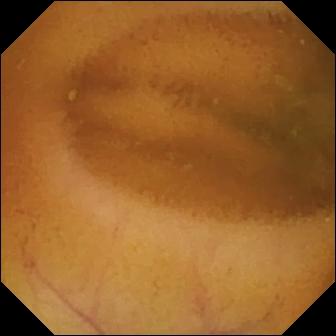Normal clean mucosa.